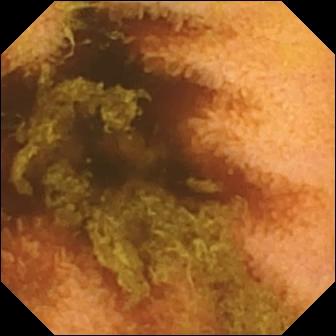WCE. Small bowel. Observation: normal clean mucosa.